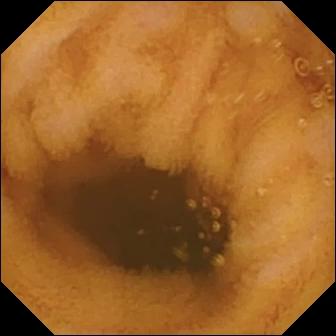Video capsule endoscopy still
Label: normal clean mucosa